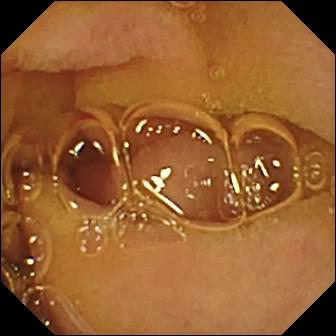This capsule endoscopy view of the small bowel shows normal clean mucosa.